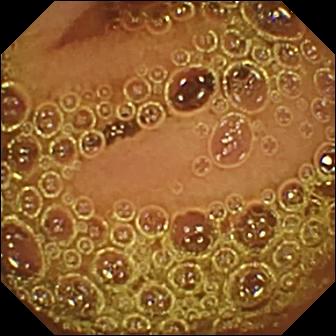{"modality": "capsule endoscopy", "segment": "small intestine", "finding": "normal clean mucosa"}